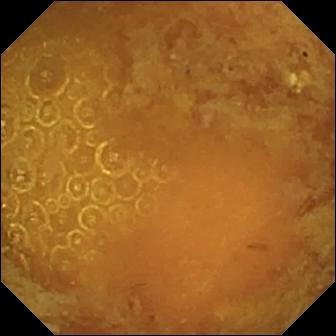This video capsule endoscopy still of the small intestine shows reduced mucosal view (content or bubbles obscuring the mucosa).